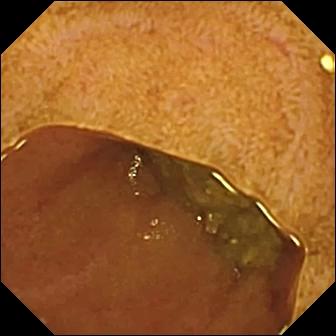Ileo-cecal valve region — small-bowel capsule endoscopy frame.